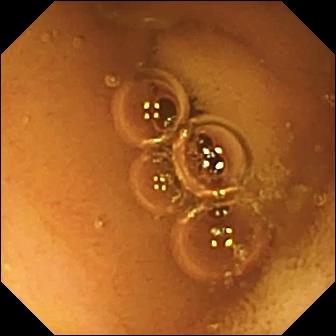This WCE image shows normal clean mucosa.